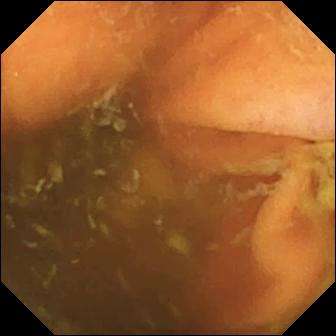modality: VCE; category: anatomical landmark; location: ileo-cecal valve region (where the capsule passes from the small bowel into the large bowel)